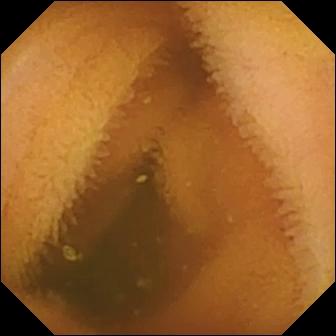This WCE image shows normal clean mucosa.